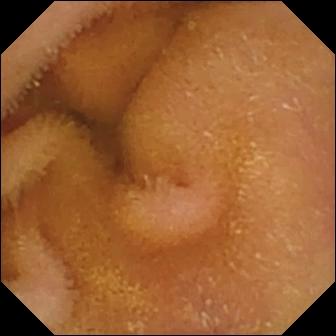Normal clean mucosa.